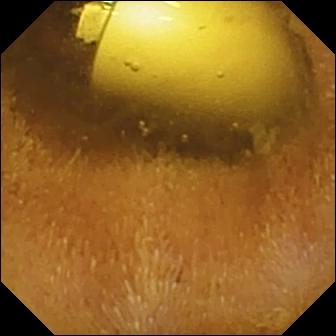This capsule endoscopy image shows foreign body (e.g. retained capsule, tablet residue).